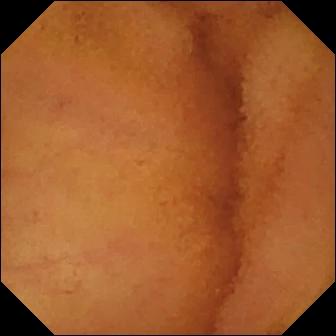modality: video capsule endoscopy
category: luminal finding
label: normal clean mucosa